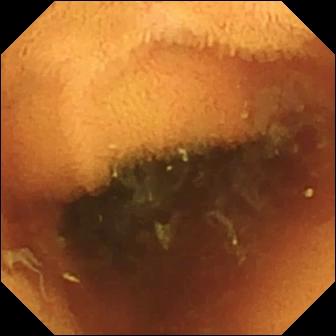WCE. Label: normal clean mucosa.